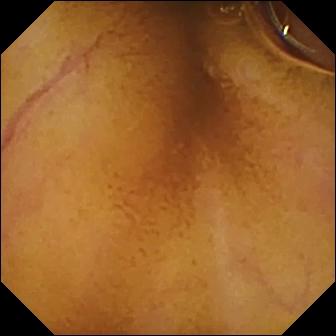WCE view (small intestine). Normal clean mucosa.